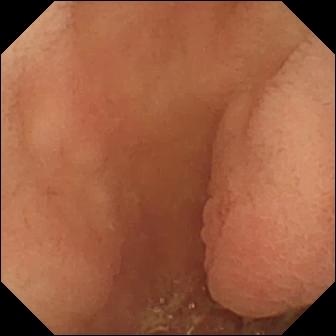modality: video capsule endoscopy | location: pylorus region